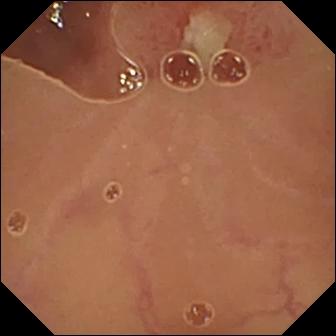- modality: WCE
- finding: ulcer